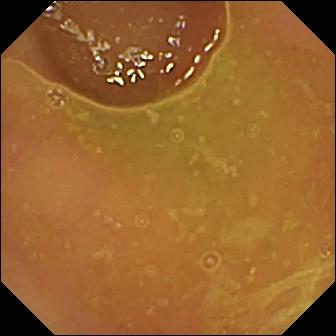Wireless capsule endoscopy. Label: normal clean mucosa.